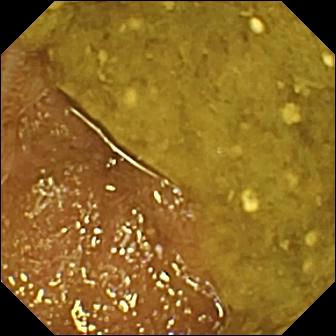Ileo-cecal valve region.